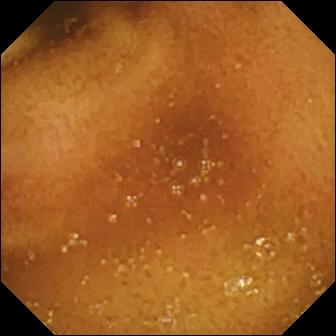Video capsule endoscopy — normal clean mucosa.